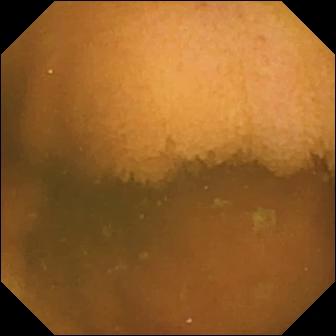This WCE snapshot of the small bowel shows normal clean mucosa.